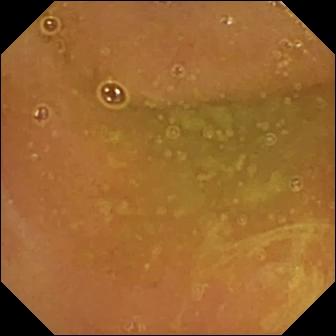Normal clean mucosa (336×336).